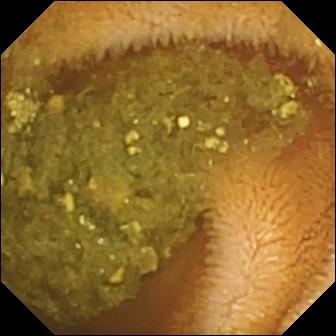Reduced mucosal view (content or bubbles obscuring the mucosa) — WCE snapshot.